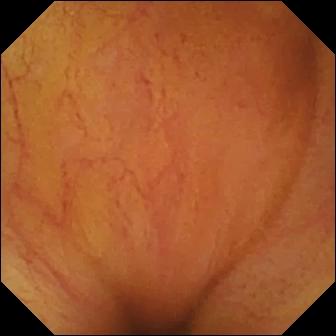{"modality": "VCE", "label": "ileo-cecal valve region (where the capsule passes from the small bowel into the large bowel)"}